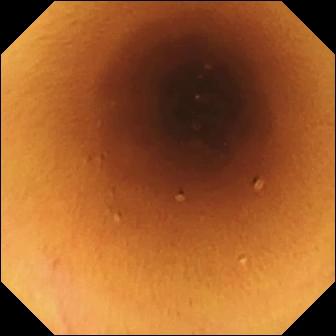VCE image showing normal clean mucosa.